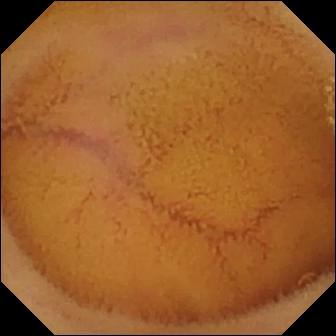{"modality": "VCE", "category": "luminal finding", "finding": "normal clean mucosa"}